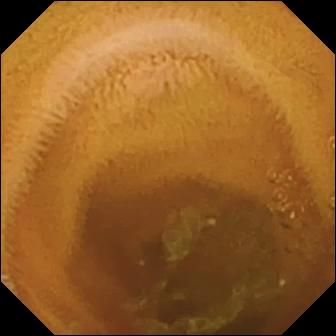modality: wireless capsule endoscopy; segment: small intestine; observation: normal clean mucosa